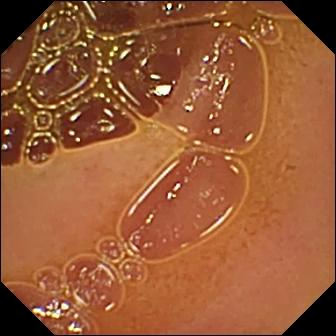VCE frame. Normal clean mucosa.